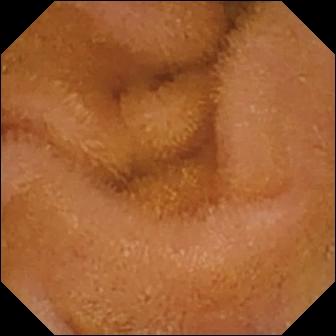{"modality": "VCE", "finding": "normal clean mucosa"}